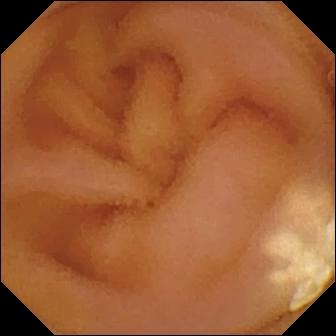WCE. Luminal finding. Finding: lymphangiectasia.